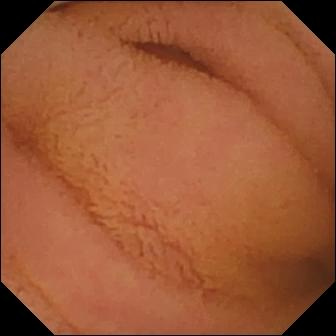WCE still showing normal clean mucosa.